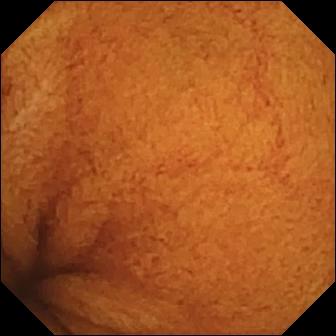modality: WCE; segment: small intestine; label: normal clean mucosa